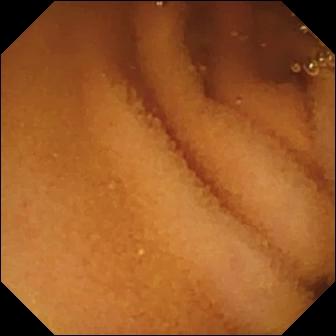PROCEDURE: Small-bowel capsule endoscopy.
FINDINGS: Normal clean mucosa.